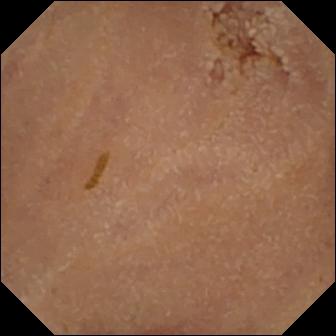This capsule endoscopy frame shows normal clean mucosa.